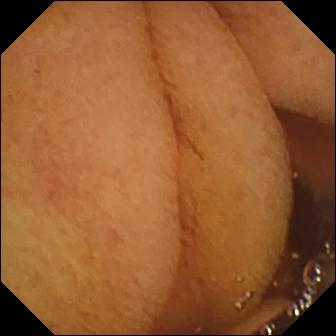Pylorus region (the junction between the stomach and the small bowel) — VCE frame.